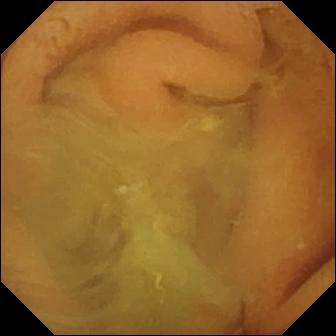Video capsule endoscopy image, 336×336. Normal clean mucosa.